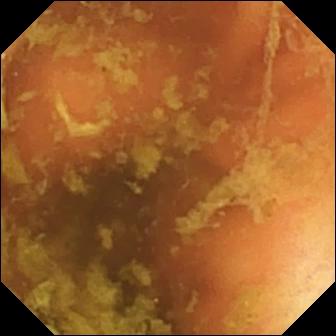PROCEDURE: Small-bowel capsule endoscopy.
POSITION: Ileo-cecal valve region (where the capsule passes from the small bowel into the large bowel).